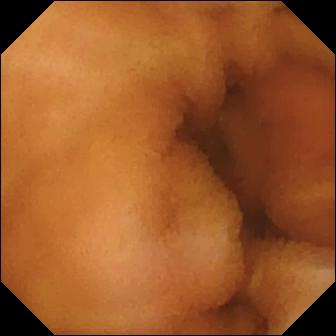Q: What does this video capsule endoscopy snapshot of the small bowel show?
A: Normal clean mucosa.